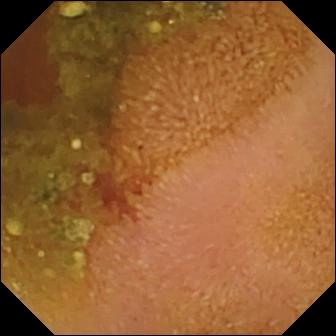- modality: small-bowel capsule endoscopy
- finding: erosion